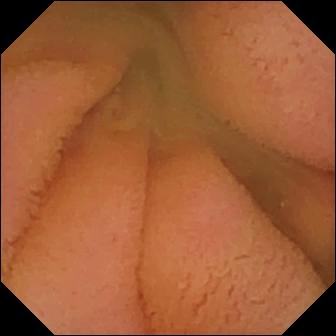VCE frame showing normal clean mucosa.